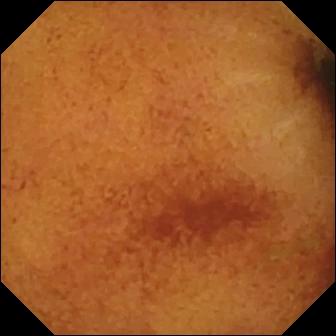- modality: small-bowel capsule endoscopy
- segment: small bowel
- category: luminal finding
- observation: normal clean mucosa